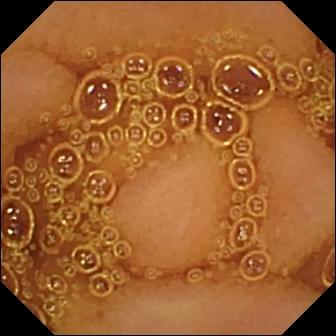Small-bowel capsule endoscopy frame
Impression: normal clean mucosa